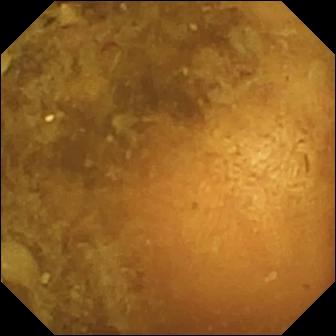modality: wireless capsule endoscopy
segment: small intestine
observation: reduced mucosal view (content or bubbles obscuring the mucosa)